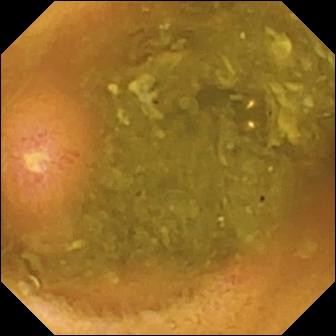modality: WCE
finding: ulcer